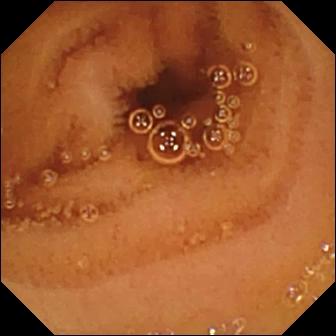Wireless capsule endoscopy still, small bowel
Label: normal clean mucosa